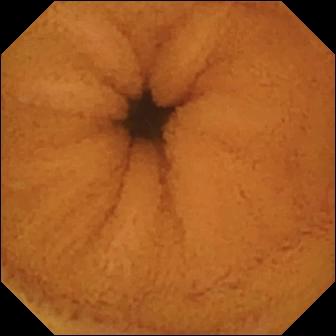- modality: capsule endoscopy
- segment: small intestine
- category: luminal finding
- impression: normal clean mucosa